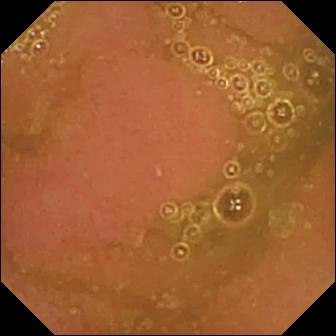Video capsule endoscopy still showing normal clean mucosa.